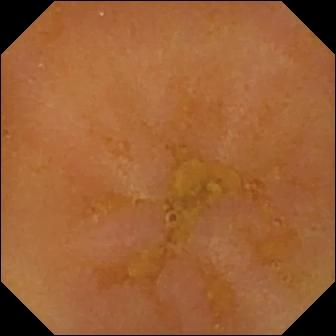Video capsule endoscopy still (small bowel). Reduced mucosal view (content or bubbles obscuring the mucosa).